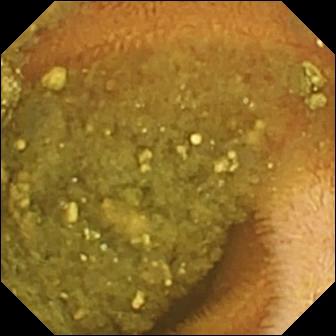Small-bowel capsule endoscopy still (small bowel). Reduced mucosal view (content or bubbles obscuring the mucosa).